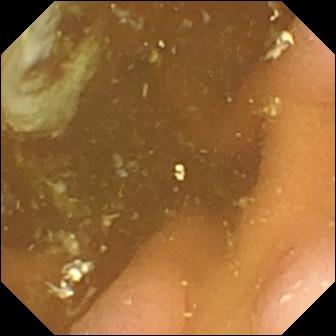modality: VCE
location: pylorus region (the junction between the stomach and the small bowel)